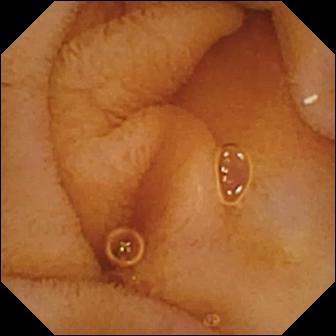Capsule endoscopy snapshot, small bowel
Observation: normal clean mucosa